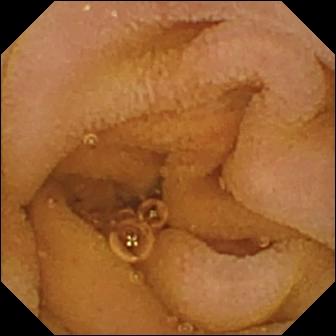Capsule endoscopy — normal clean mucosa.